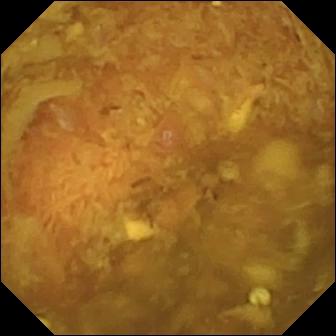- modality: video capsule endoscopy
- category: luminal finding
- observation: reduced mucosal view (content or bubbles obscuring the mucosa)